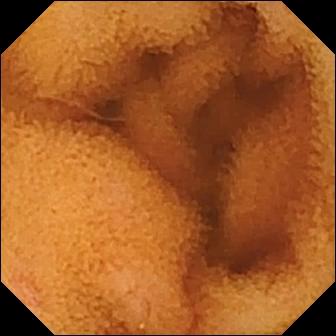Small-bowel capsule endoscopy. Small intestine. Finding: normal clean mucosa.